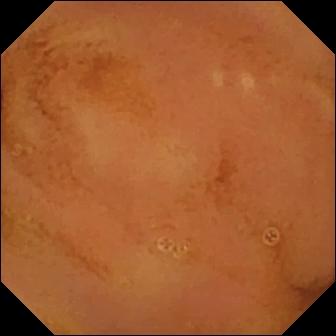Normal clean mucosa (336×336).